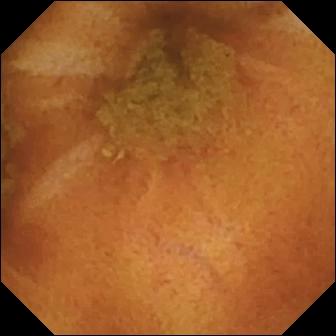Q: What does this video capsule endoscopy image show?
A: Normal clean mucosa.